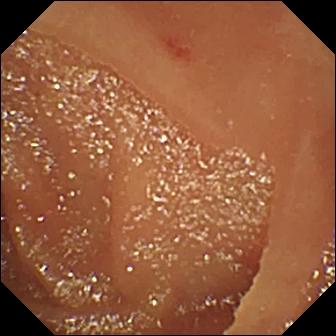Capsule endoscopy still showing angiectasia.